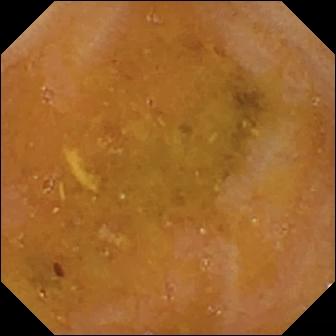- modality: WCE
- segment: small intestine
- label: reduced mucosal view (content or bubbles obscuring the mucosa)